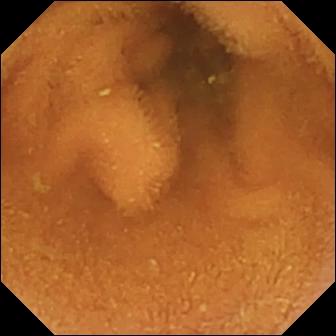modality: WCE | segment: small intestine | category: luminal finding | impression: normal clean mucosa